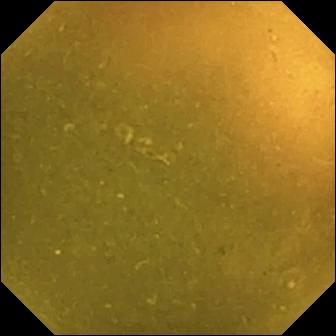Small-bowel capsule endoscopy frame, 336×336. Taken in the ileo-cecal valve region (where the capsule passes from the small bowel into the large bowel).